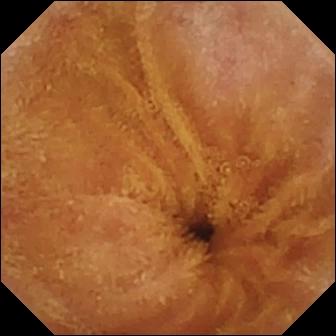Capsule endoscopy snapshot, small intestine
Finding: normal clean mucosa